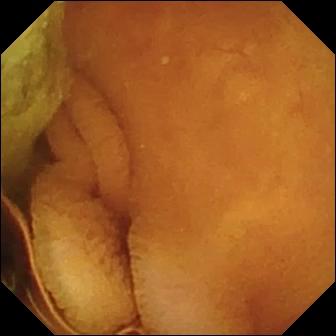Normal clean mucosa.